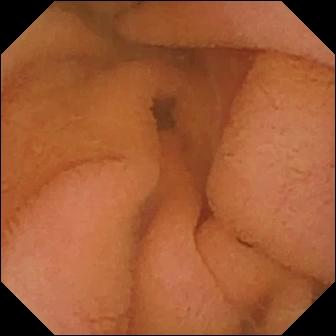This video capsule endoscopy frame shows normal clean mucosa.